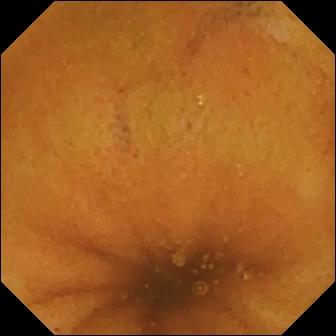- modality: small-bowel capsule endoscopy
- segment: small bowel
- observation: normal clean mucosa